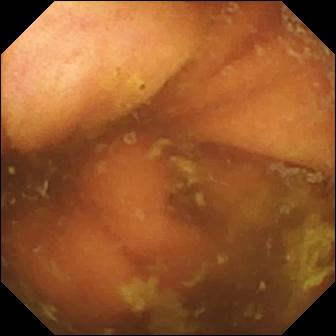PROCEDURE: VCE.
VIDEO SEGMENT: Ileo-cecal valve region.